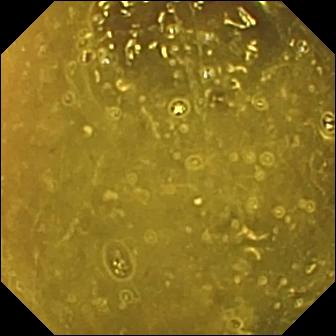- modality: capsule endoscopy
- location: ileo-cecal valve region